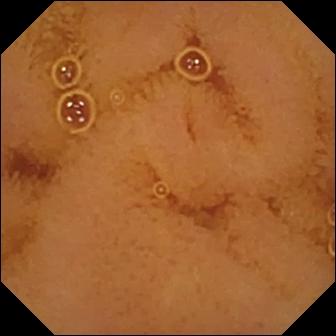- modality: small-bowel capsule endoscopy
- segment: small intestine
- category: luminal finding
- observation: normal clean mucosa